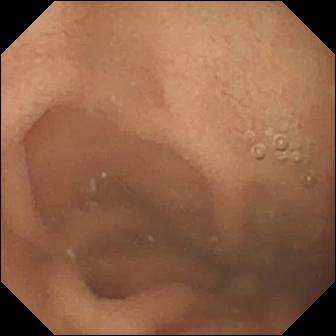VCE snapshot (small bowel), 336×336. Normal clean mucosa.